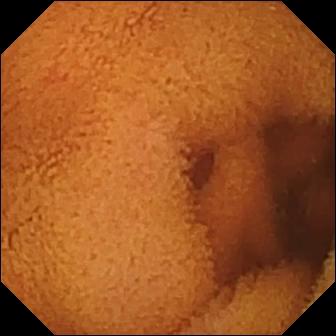{"modality": "wireless capsule endoscopy", "segment": "small intestine", "category": "luminal finding", "finding": "normal clean mucosa"}